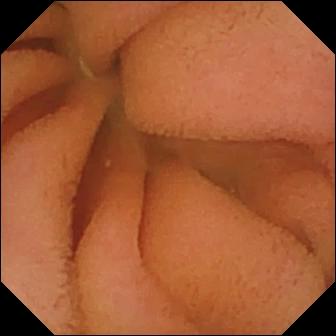Small-bowel capsule endoscopy — normal clean mucosa.